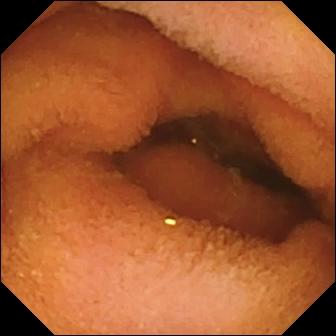WCE snapshot of the small bowel showing normal clean mucosa.